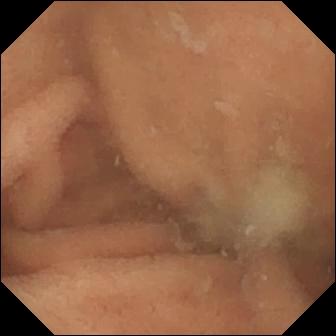Video capsule endoscopy view showing normal clean mucosa.